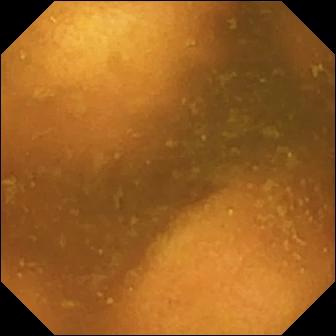VCE snapshot showing normal clean mucosa.